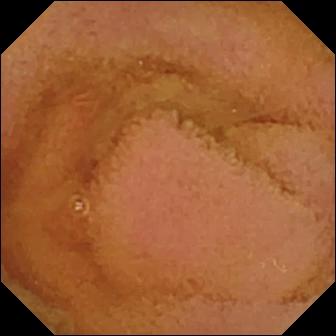VCE — normal clean mucosa.